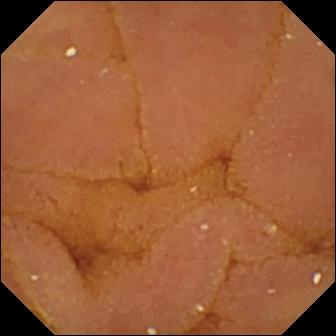Wireless capsule endoscopy snapshot, small bowel
Label: normal clean mucosa